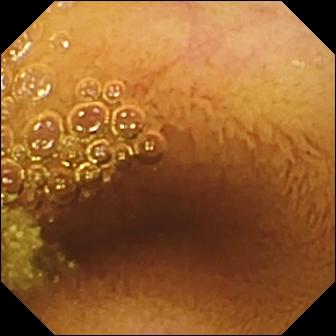WCE image of the small bowel showing normal clean mucosa.